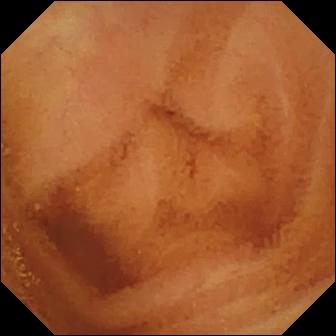Capsule endoscopy — normal clean mucosa.